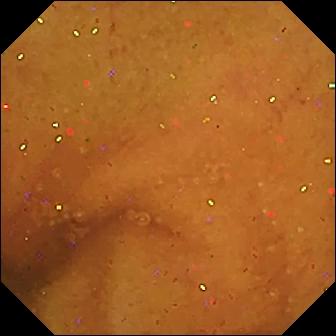WCE — normal clean mucosa.